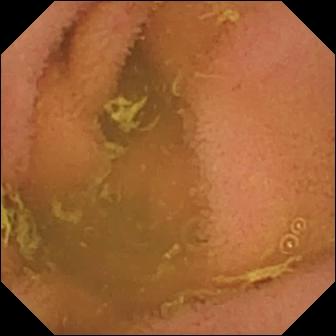Normal clean mucosa — wireless capsule endoscopy still of the small bowel.